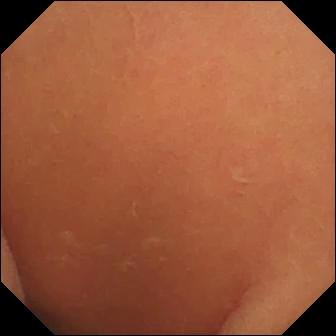Q: What does this video capsule endoscopy image show?
A: Normal clean mucosa.